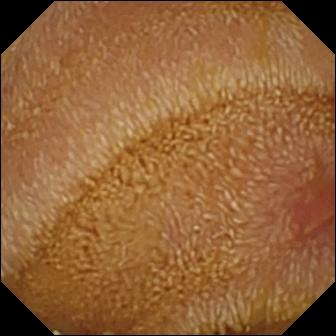Capsule endoscopy. Impression: erosion.